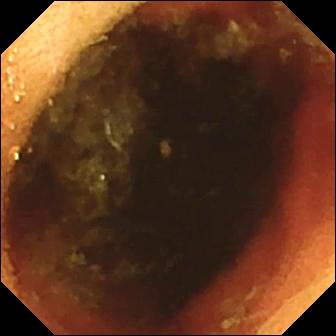{"modality": "small-bowel capsule endoscopy", "label": "ileo-cecal valve region (where the capsule passes from the small bowel into the large bowel)"}